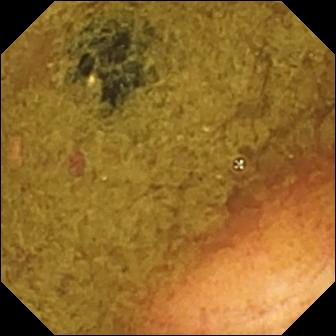Small-bowel capsule endoscopy image
Location: ileo-cecal valve region (the transition from the small bowel to the large bowel)